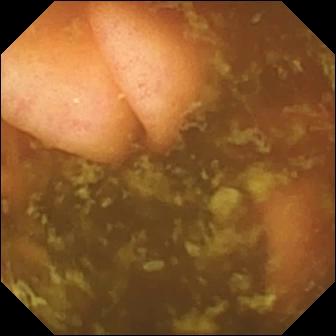Ileo-cecal valve region (where the capsule passes from the small bowel into the large bowel) — capsule endoscopy image.